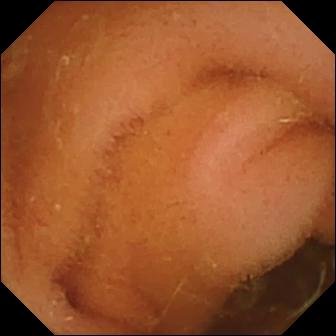VCE. Luminal finding. Impression: normal clean mucosa.